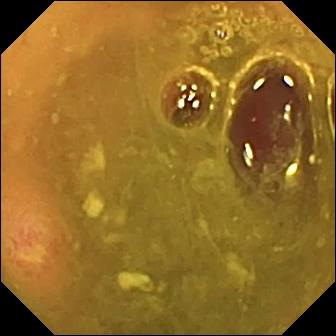This capsule endoscopy view shows ulcer.